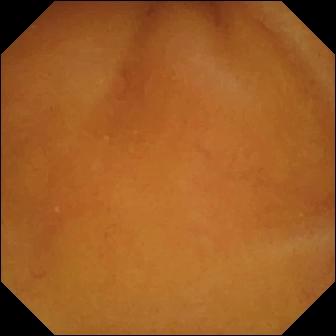Capsule endoscopy snapshot
Observation: normal clean mucosa